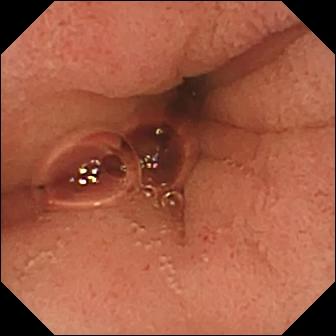Small-bowel capsule endoscopy. Location: pylorus region.